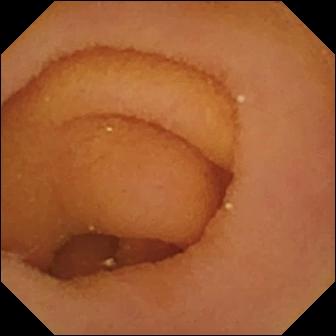Video capsule endoscopy. Position: pylorus region (the junction between the stomach and the small bowel).